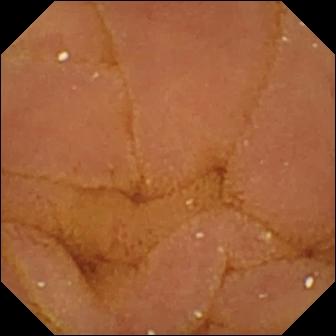Q: What does this small-bowel capsule endoscopy frame of the small intestine show?
A: Normal clean mucosa.